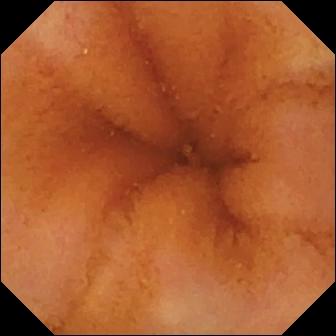modality: capsule endoscopy; observation: normal clean mucosa